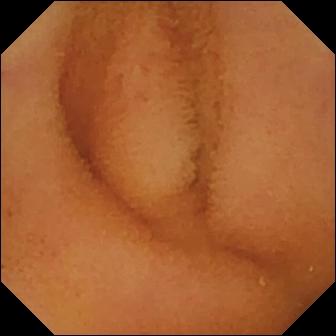- modality: small-bowel capsule endoscopy
- category: luminal finding
- impression: normal clean mucosa